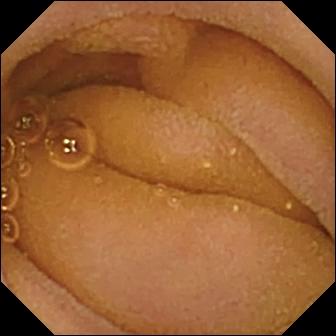Normal clean mucosa — VCE frame.